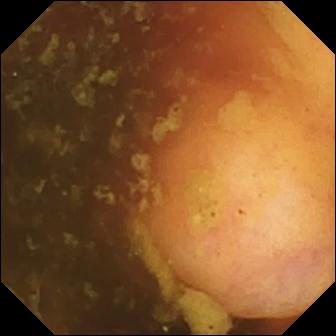Ileo-cecal valve region (the transition from the small bowel to the large bowel).